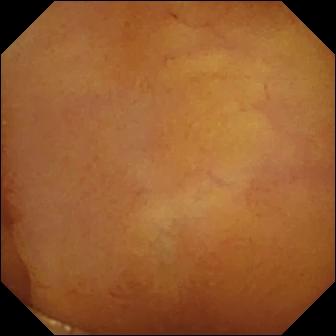This VCE snapshot shows normal clean mucosa.